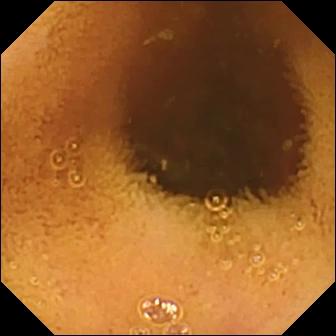This small-bowel capsule endoscopy snapshot shows normal clean mucosa.